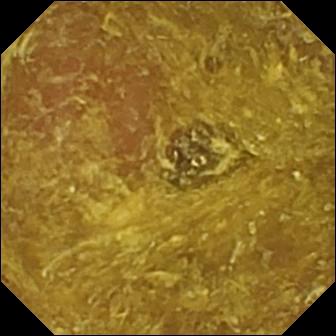Small-bowel capsule endoscopy still (small intestine). Reduced mucosal view (content or bubbles obscuring the mucosa).